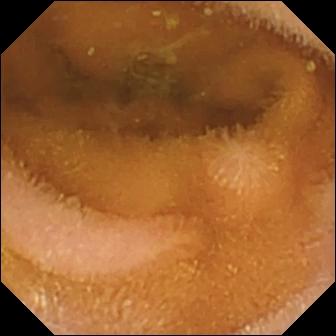Wireless capsule endoscopy — normal clean mucosa.